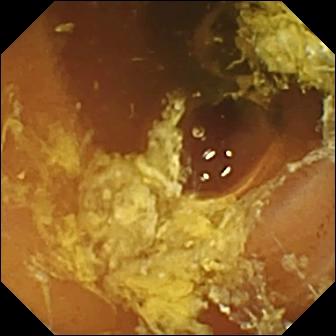This small-bowel capsule endoscopy frame shows normal clean mucosa.